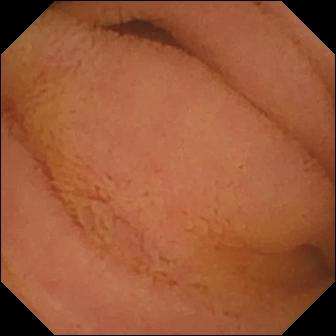{"modality": "small-bowel capsule endoscopy", "segment": "small bowel", "category": "luminal finding", "finding": "normal clean mucosa"}